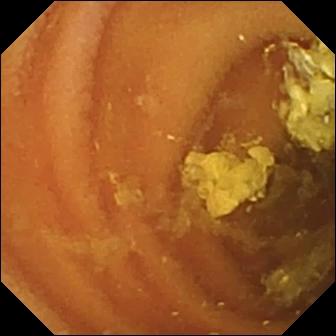VCE image
Finding: normal clean mucosa